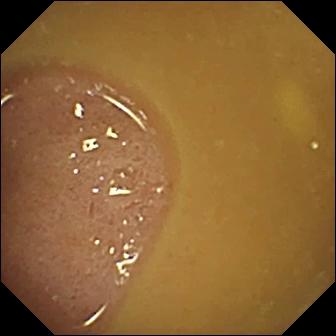PROCEDURE: Capsule endoscopy.
POSITION: Ileo-cecal valve region.